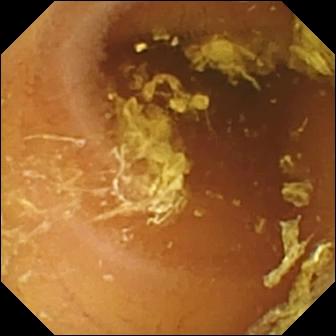This small-bowel capsule endoscopy still shows normal clean mucosa.